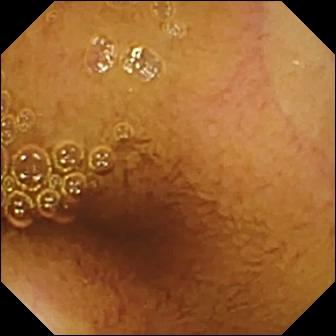modality: WCE; label: normal clean mucosa